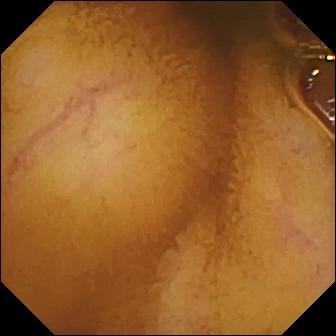Small-bowel capsule endoscopy — normal clean mucosa.